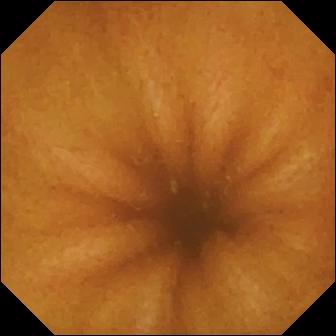Video capsule endoscopy — normal clean mucosa.